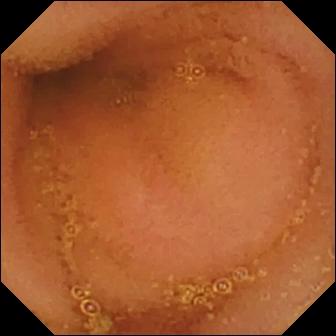PROCEDURE: Capsule endoscopy.
FINDINGS: Normal clean mucosa.